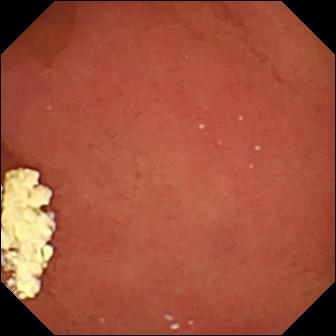Small-bowel capsule endoscopy. Label: pylorus region.